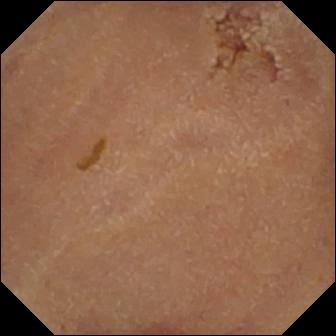{"modality": "WCE", "segment": "small bowel", "category": "luminal finding", "finding": "normal clean mucosa"}